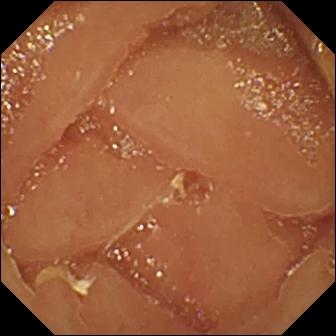WCE view, small bowel
Label: normal clean mucosa